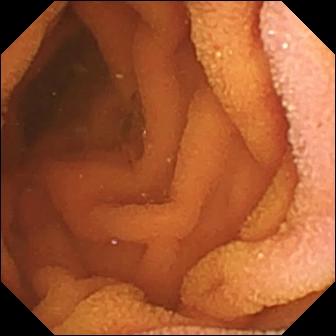PROCEDURE: Capsule endoscopy.
SEGMENT: Small bowel.
FINDINGS: Normal clean mucosa.